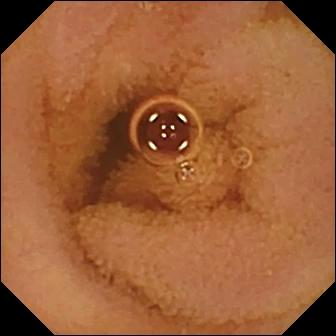Normal clean mucosa (336×336).